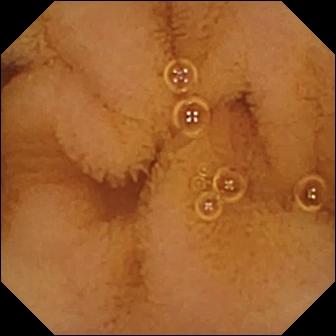VCE — normal clean mucosa.